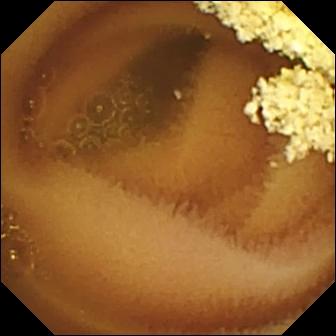Capsule endoscopy image
Observation: normal clean mucosa